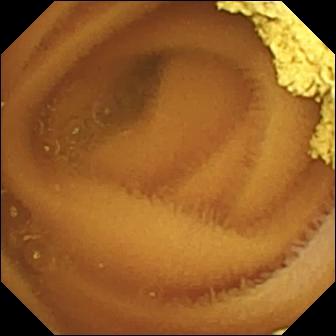modality: wireless capsule endoscopy; observation: normal clean mucosa